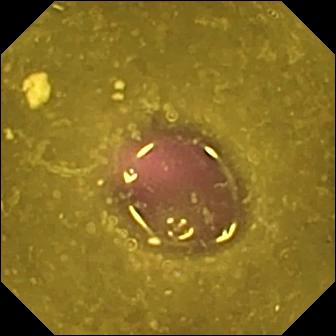Capsule endoscopy snapshot, small intestine
Finding: reduced mucosal view (content or bubbles obscuring the mucosa)